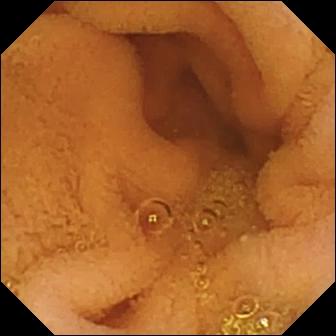Normal clean mucosa.